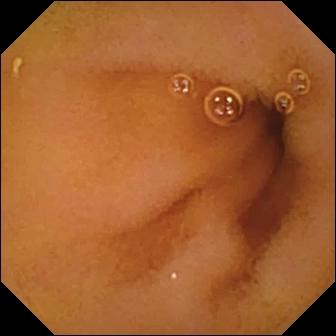- modality: small-bowel capsule endoscopy
- impression: normal clean mucosa